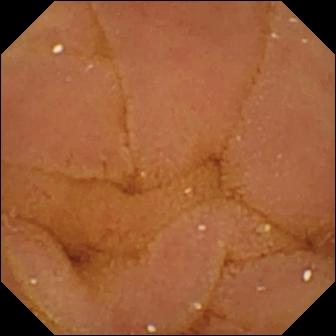This capsule endoscopy still of the small intestine shows normal clean mucosa.